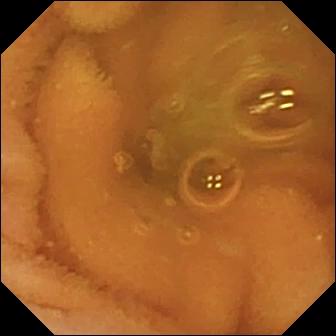VCE frame showing normal clean mucosa.